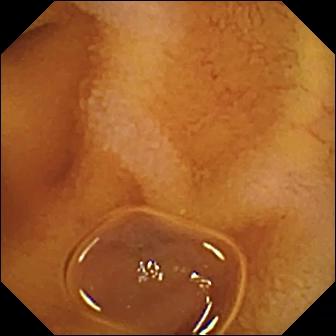modality: VCE | impression: normal clean mucosa